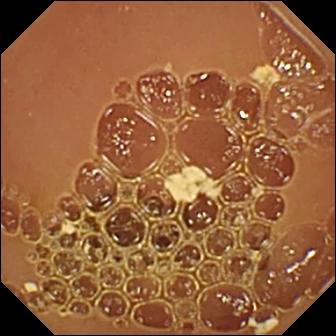Normal clean mucosa.